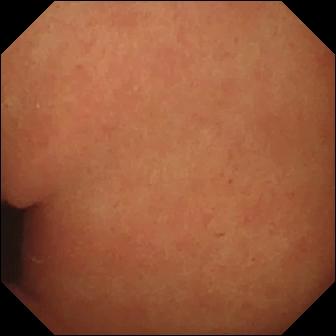{"modality": "WCE", "location": "pylorus region (the junction between the stomach and the small bowel)"}